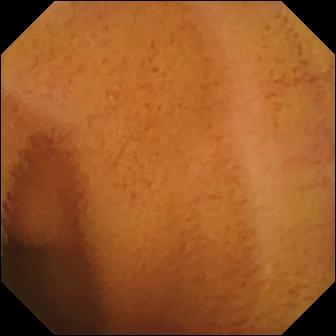Q: What does this small-bowel capsule endoscopy still of the small bowel show?
A: Normal clean mucosa.